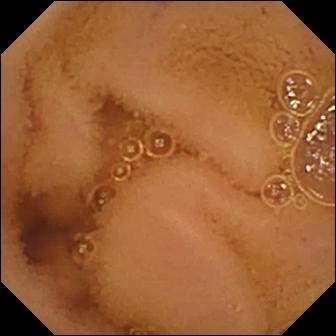This small-bowel capsule endoscopy frame of the small bowel shows normal clean mucosa.